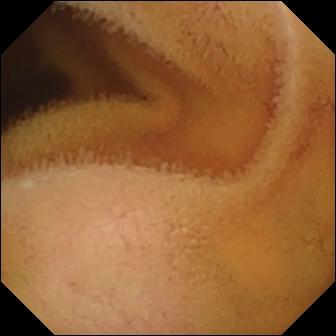Wireless capsule endoscopy frame showing normal clean mucosa.